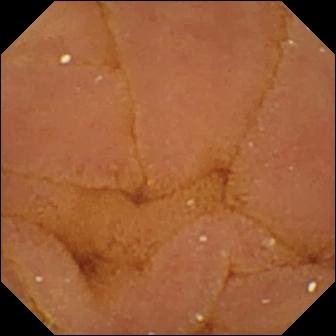WCE view showing normal clean mucosa.